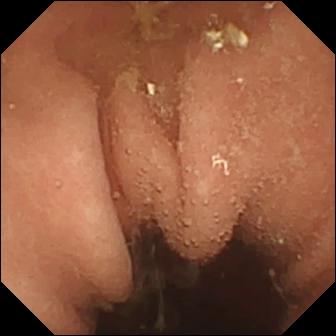Video capsule endoscopy — pylorus region (where the capsule passes from the stomach into the small bowel).